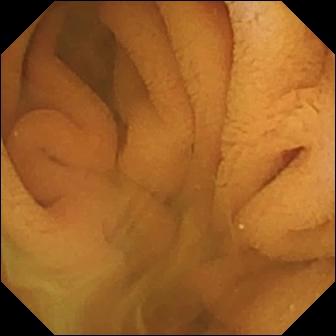modality: small-bowel capsule endoscopy; impression: normal clean mucosa